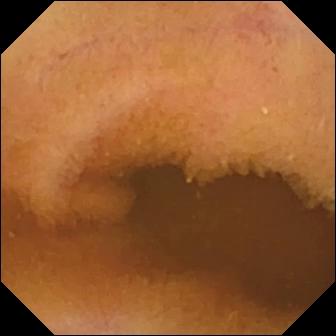VCE snapshot, small intestine
Observation: normal clean mucosa